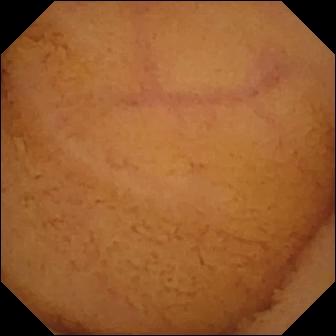Wireless capsule endoscopy snapshot, small bowel
Impression: normal clean mucosa